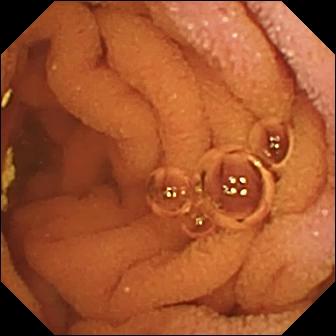modality: video capsule endoscopy
segment: small bowel
observation: normal clean mucosa